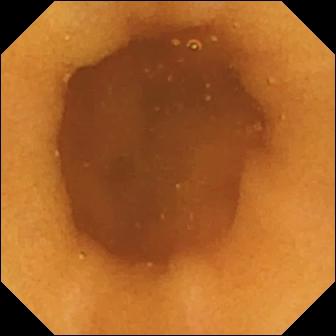- modality: small-bowel capsule endoscopy
- label: normal clean mucosa